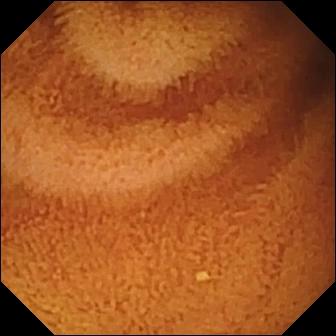This VCE frame shows normal clean mucosa.